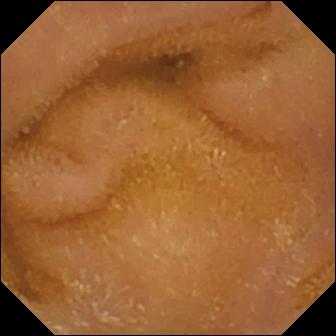Normal clean mucosa — wireless capsule endoscopy frame.